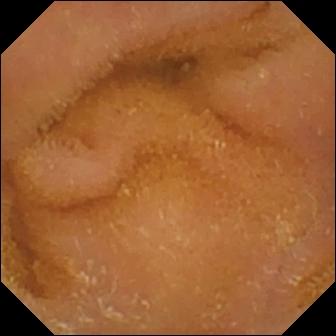Small-bowel capsule endoscopy. Impression: normal clean mucosa.